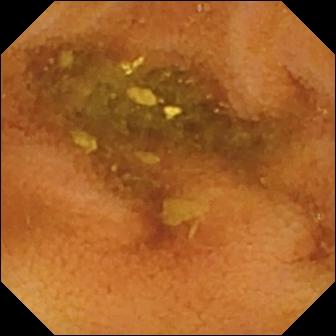This capsule endoscopy view shows normal clean mucosa.